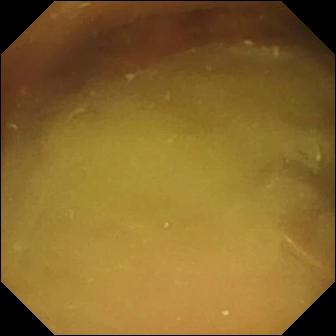modality: video capsule endoscopy | label: normal clean mucosa